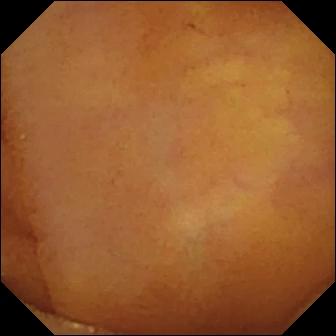Small-bowel capsule endoscopy image
Label: normal clean mucosa